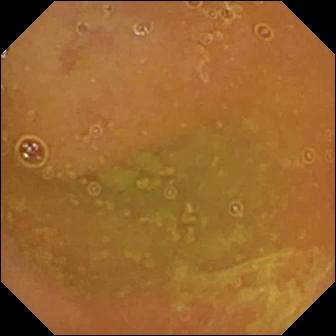Small-bowel capsule endoscopy snapshot showing normal clean mucosa.